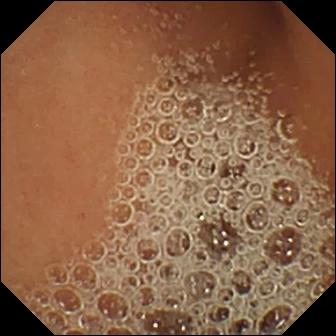Normal clean mucosa (336×336).